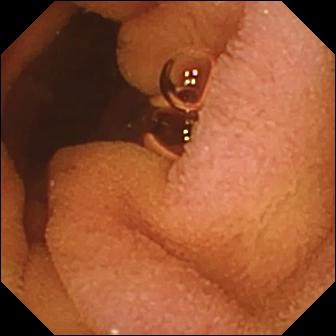Small-bowel capsule endoscopy — normal clean mucosa.